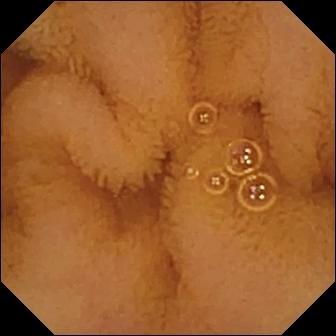Capsule endoscopy still, small bowel
Impression: normal clean mucosa